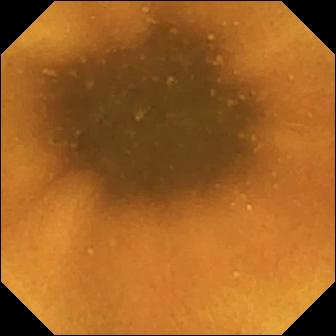- modality: video capsule endoscopy
- category: luminal finding
- impression: normal clean mucosa